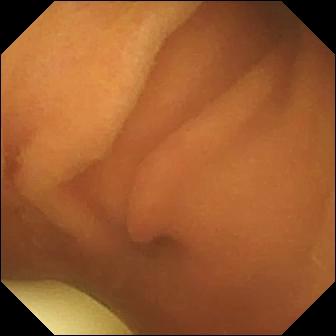Foreign body (e.g. retained capsule, tablet residue).